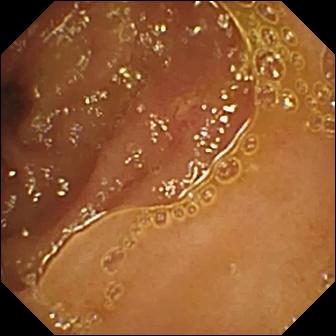modality: wireless capsule endoscopy | observation: ulcer